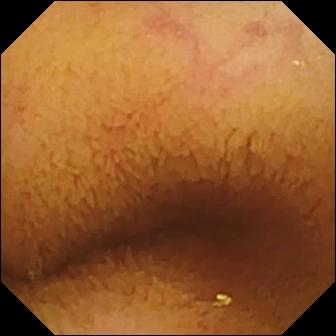VCE. Small bowel. Luminal finding. Finding: normal clean mucosa.